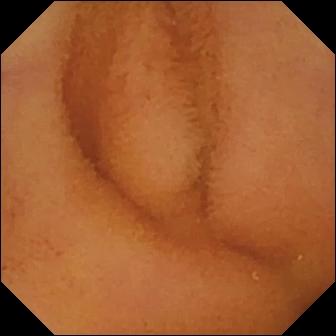Normal clean mucosa — capsule endoscopy view of the small bowel.